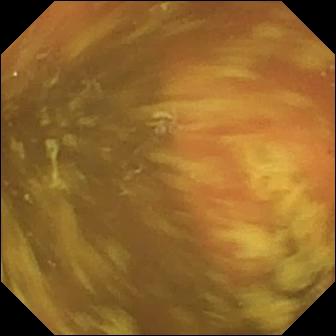Capsule endoscopy image
Video segment: ileo-cecal valve region (the transition from the small bowel to the large bowel)